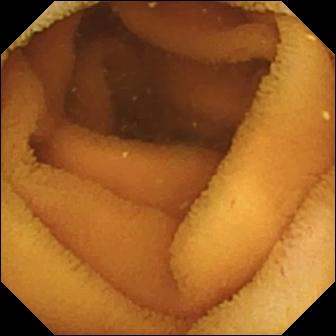{"modality": "wireless capsule endoscopy", "category": "luminal finding", "finding": "normal clean mucosa"}